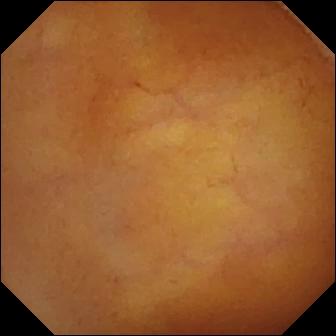Normal clean mucosa — small-bowel capsule endoscopy image.